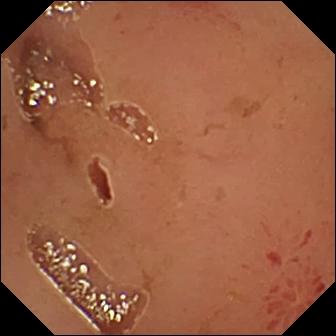PROCEDURE: Small-bowel capsule endoscopy.
FINDINGS: Erosion.